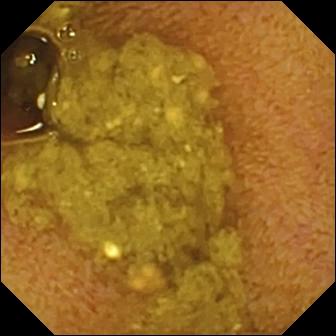This capsule endoscopy view was taken in the ileo-cecal valve region (the transition from the small bowel to the large bowel).